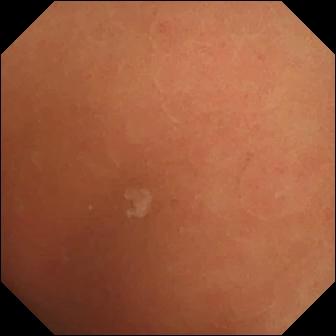modality: VCE; impression: normal clean mucosa